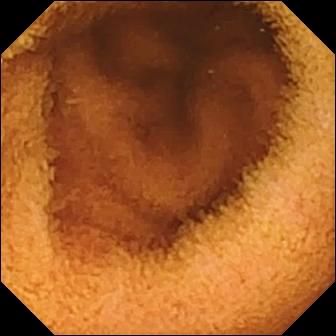modality: video capsule endoscopy
segment: small bowel
observation: normal clean mucosa